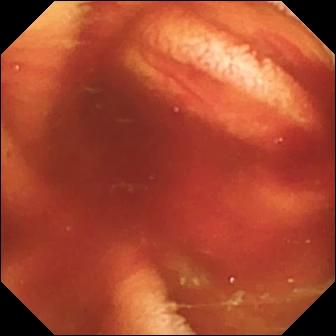VCE image
Label: fresh blood in the lumen